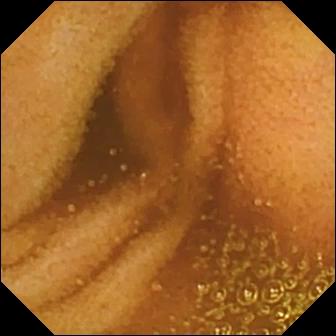Normal clean mucosa (336×336).